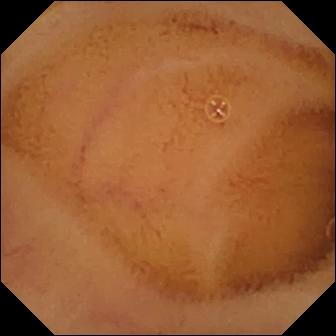VCE still showing normal clean mucosa.